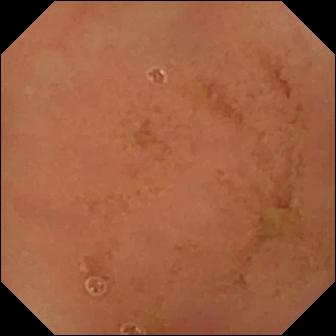Normal clean mucosa.